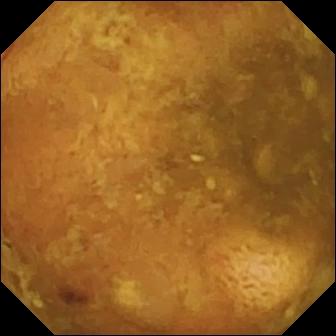Wireless capsule endoscopy. Luminal finding. Finding: reduced mucosal view (content or bubbles obscuring the mucosa).